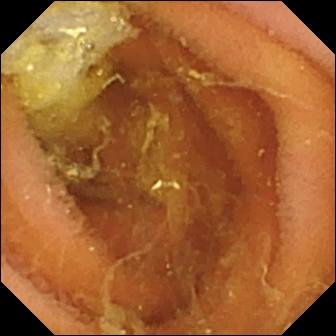Normal clean mucosa — video capsule endoscopy image of the small intestine.